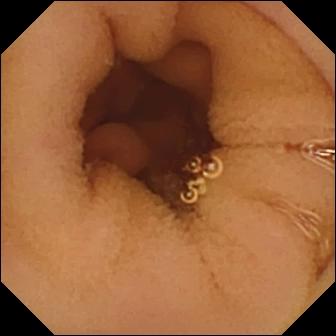{"modality": "VCE", "segment": "small intestine", "category": "luminal finding", "finding": "normal clean mucosa"}